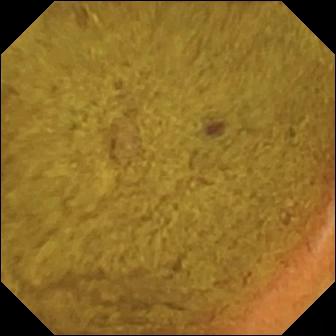{"modality": "wireless capsule endoscopy", "position": "ileo-cecal valve region (where the capsule passes from the small bowel into the large bowel)"}